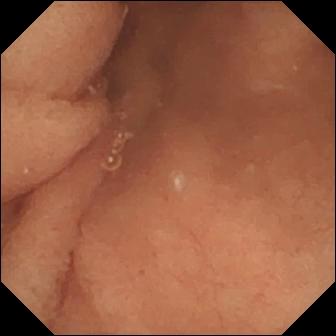Small-bowel capsule endoscopy. Luminal finding. Finding: normal clean mucosa.